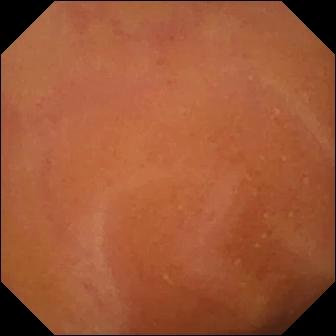Normal clean mucosa (336×336).